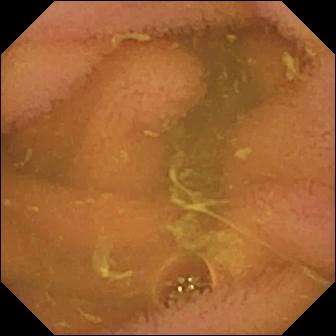Normal clean mucosa — WCE snapshot.